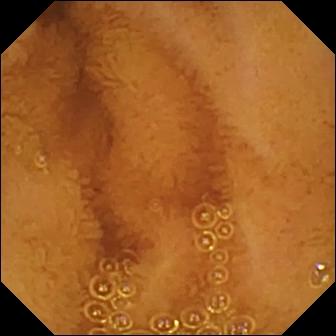Q: What does this VCE snapshot show?
A: Normal clean mucosa.